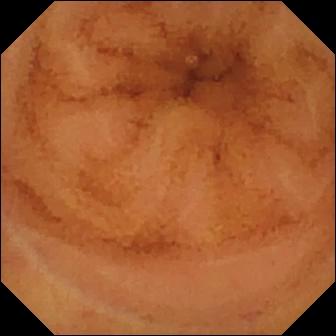Normal clean mucosa — capsule endoscopy view.